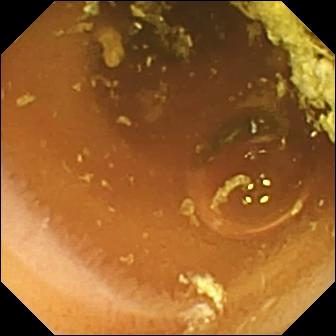Wireless capsule endoscopy still, small intestine
Impression: normal clean mucosa